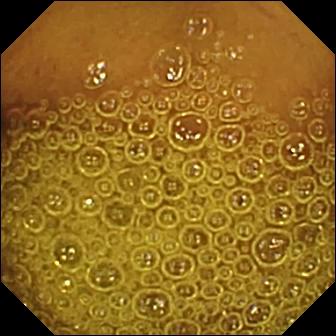Video capsule endoscopy snapshot showing normal clean mucosa.